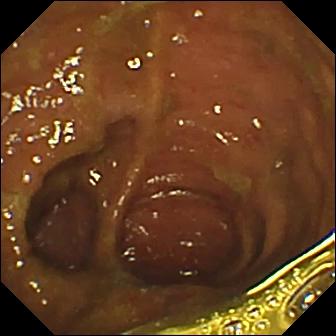modality: wireless capsule endoscopy
video segment: ileo-cecal valve region (where the capsule passes from the small bowel into the large bowel)